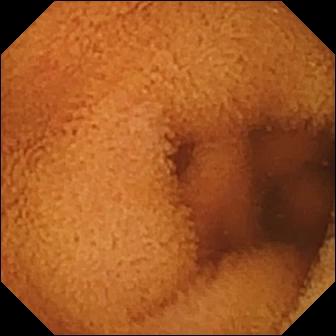Video capsule endoscopy image showing normal clean mucosa.